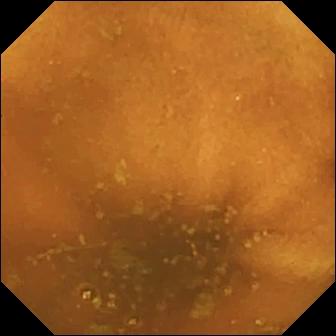This small-bowel capsule endoscopy frame shows normal clean mucosa.